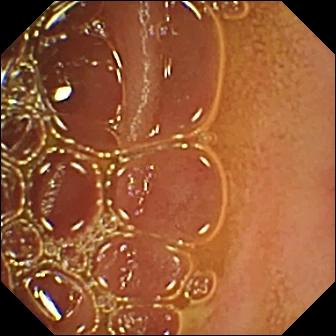Normal clean mucosa.